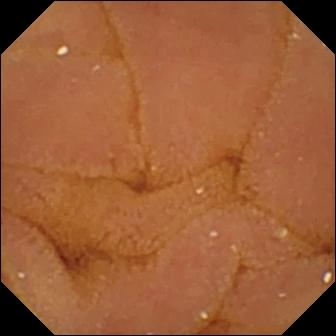PROCEDURE: VCE.
SEGMENT: Small bowel.
FINDINGS: Normal clean mucosa.